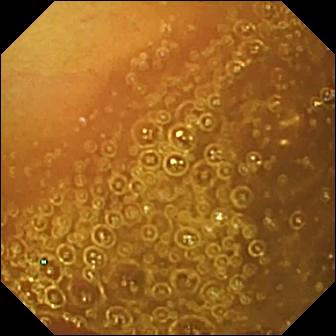Video capsule endoscopy snapshot, 336×336. Normal clean mucosa.